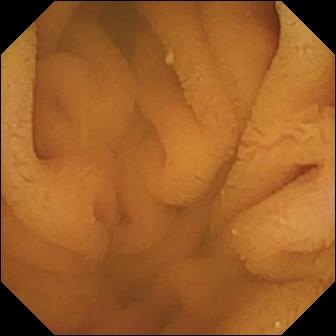WCE still
Observation: normal clean mucosa